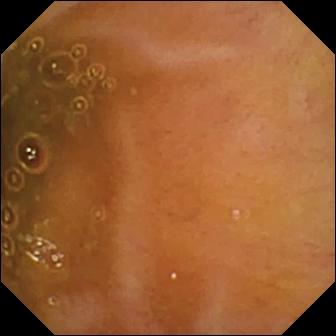VCE image
Video segment: ileo-cecal valve region